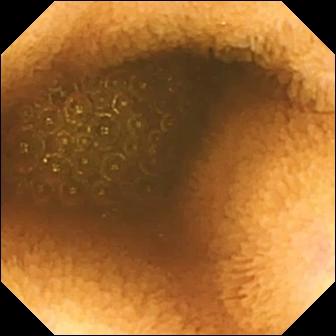Video capsule endoscopy — reduced mucosal view (content or bubbles obscuring the mucosa).